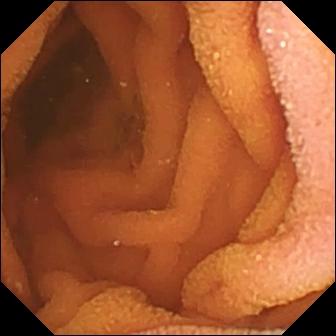Normal clean mucosa (336×336).